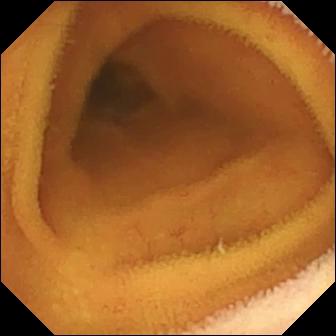Normal clean mucosa.